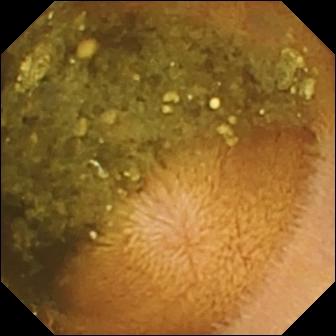PROCEDURE: WCE.
FINDINGS: Reduced mucosal view (content or bubbles obscuring the mucosa).